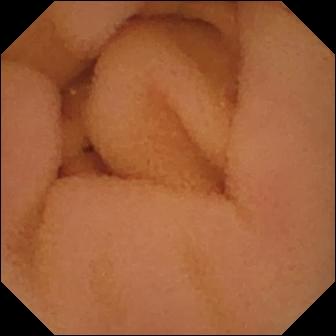Normal clean mucosa — VCE view of the small bowel.